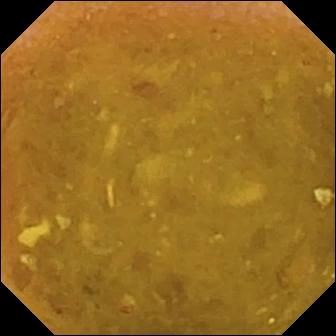Video capsule endoscopy. Observation: reduced mucosal view (content or bubbles obscuring the mucosa).